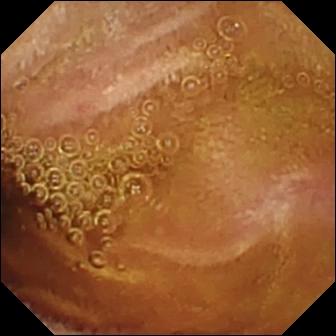Normal clean mucosa.